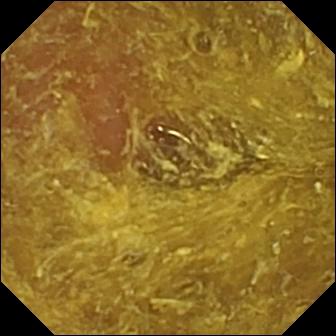Video capsule endoscopy image showing reduced mucosal view (content or bubbles obscuring the mucosa).